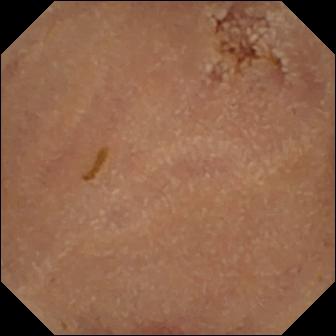This capsule endoscopy frame of the small bowel shows normal clean mucosa.